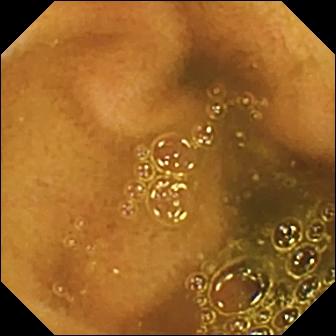PROCEDURE: VCE.
LOCATION: Ileo-cecal valve region.